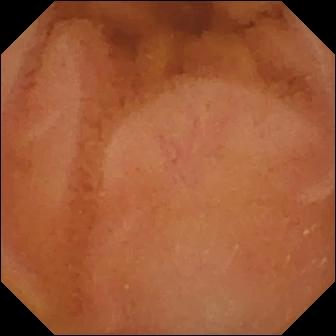modality: WCE
segment: small bowel
label: normal clean mucosa